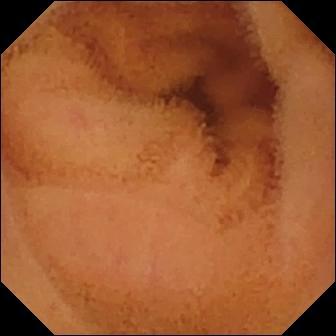This wireless capsule endoscopy still shows normal clean mucosa.